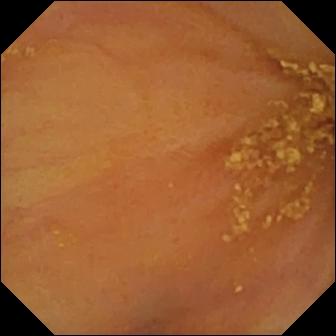Q: Where in the digestive tract was this small-bowel capsule endoscopy frame taken?
A: Ileo-cecal valve region (where the capsule passes from the small bowel into the large bowel).